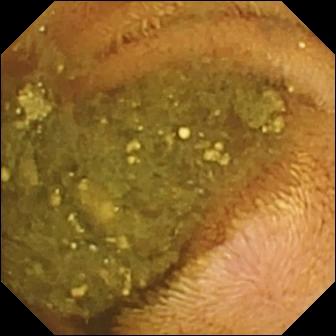VCE snapshot (small intestine). Reduced mucosal view (content or bubbles obscuring the mucosa).